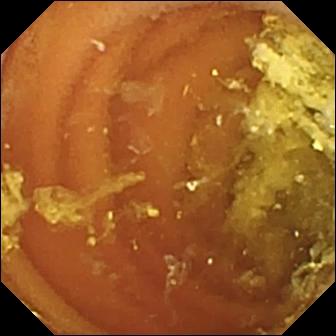Normal clean mucosa — wireless capsule endoscopy frame of the small bowel.